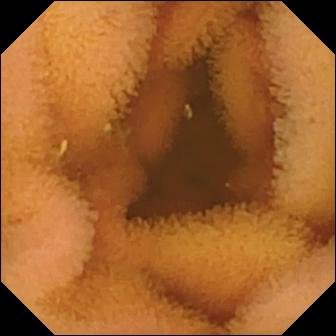WCE still (small intestine). Normal clean mucosa.